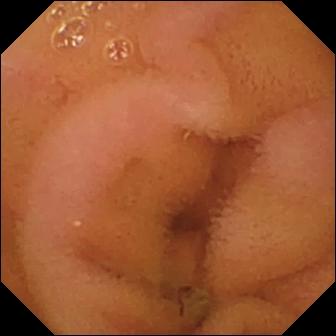Wireless capsule endoscopy — normal clean mucosa.